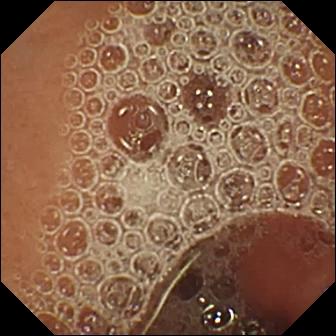Normal clean mucosa — small-bowel capsule endoscopy snapshot.